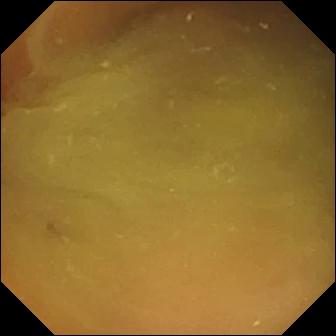Capsule endoscopy. Observation: normal clean mucosa.